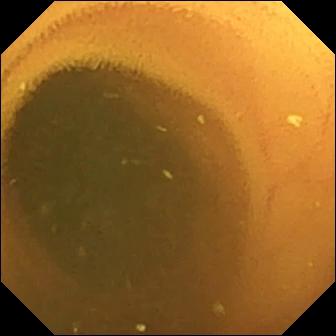VCE frame of the small intestine showing normal clean mucosa.